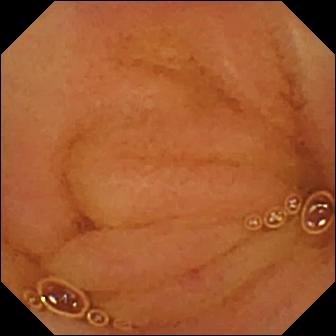Normal clean mucosa — WCE snapshot of the small intestine.